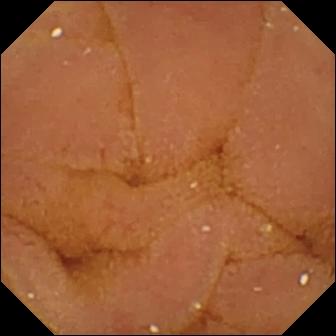Video capsule endoscopy snapshot of the small intestine showing normal clean mucosa.